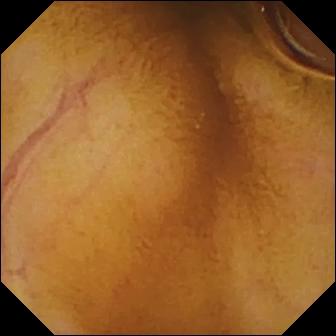Capsule endoscopy frame
Impression: normal clean mucosa